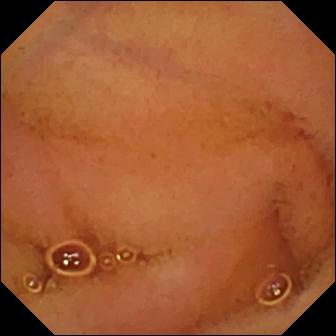{"modality": "WCE", "segment": "small intestine", "finding": "normal clean mucosa"}